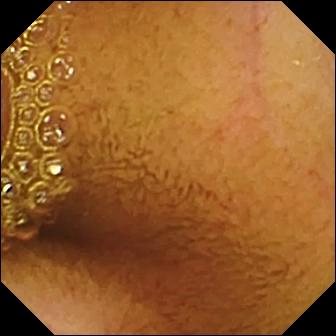Normal clean mucosa — video capsule endoscopy image of the small bowel.